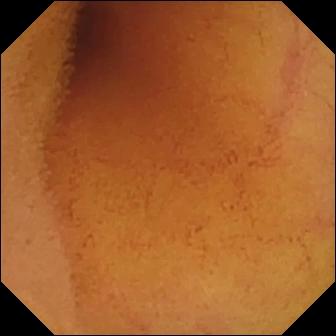PROCEDURE: Capsule endoscopy.
FINDINGS: Normal clean mucosa.